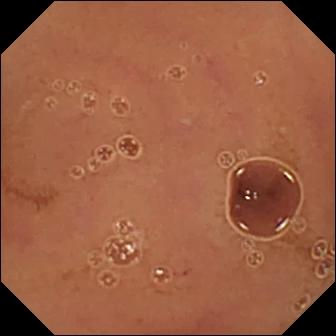- modality: WCE
- segment: small intestine
- observation: normal clean mucosa